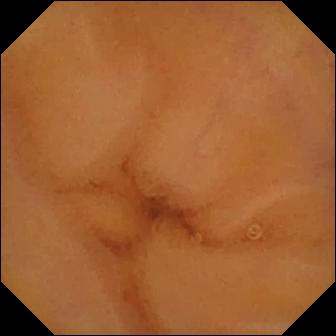This small-bowel capsule endoscopy frame shows normal clean mucosa.